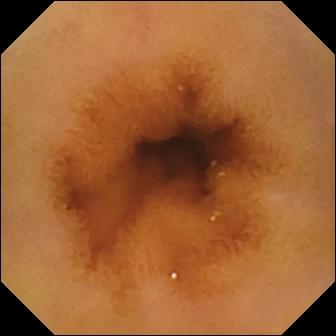This video capsule endoscopy view shows normal clean mucosa.